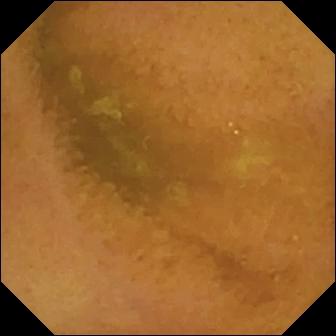WCE. Impression: normal clean mucosa.